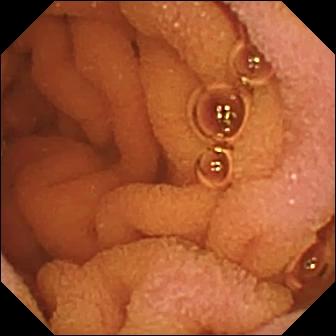Q: What does this VCE snapshot of the small intestine show?
A: Normal clean mucosa.